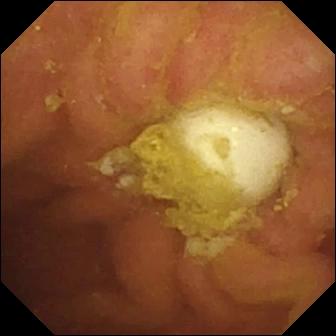Foreign body (e.g. retained capsule, tablet residue) — capsule endoscopy frame.